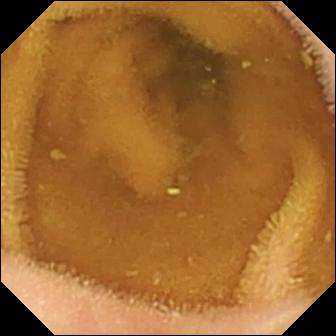WCE image, small intestine
Impression: normal clean mucosa